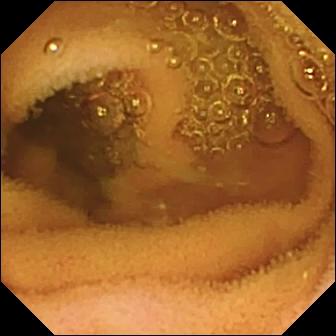VCE snapshot
Impression: normal clean mucosa